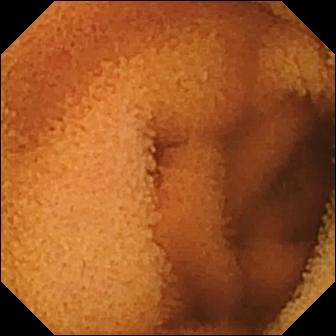PROCEDURE: Small-bowel capsule endoscopy.
FINDINGS: Normal clean mucosa.